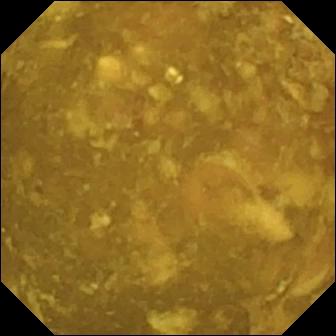This WCE frame of the small bowel shows reduced mucosal view (content or bubbles obscuring the mucosa).